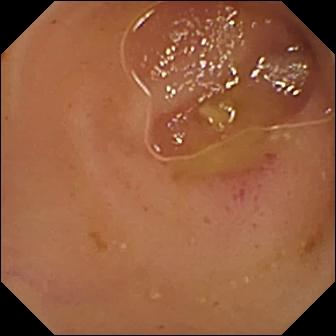This VCE frame shows erythema (mucosal redness).